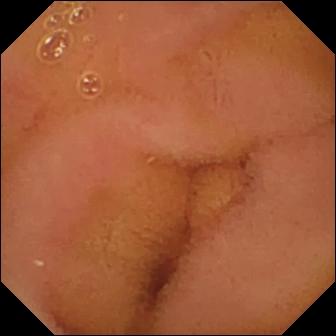Q: What does this small-bowel capsule endoscopy image of the small bowel show?
A: Normal clean mucosa.